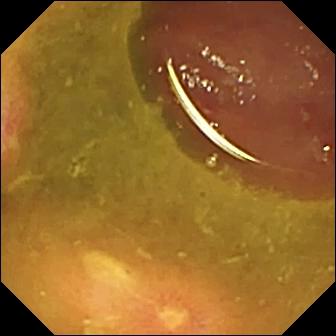{"modality": "VCE", "category": "luminal finding", "finding": "ulcer"}